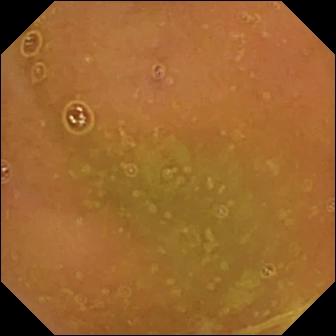Q: What does this video capsule endoscopy still of the small intestine show?
A: Normal clean mucosa.